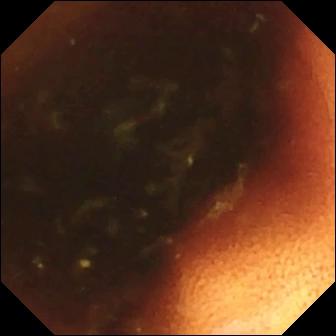Ileo-cecal valve region — VCE frame.